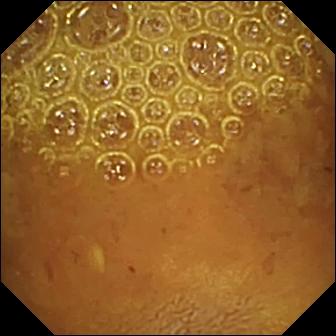PROCEDURE: VCE.
SEGMENT: Small bowel.
FINDINGS: Reduced mucosal view (content or bubbles obscuring the mucosa).